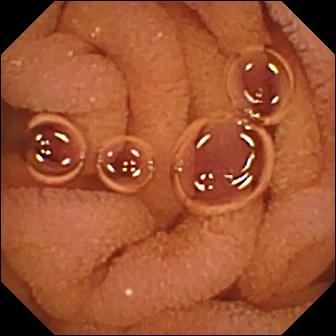- modality: small-bowel capsule endoscopy
- label: normal clean mucosa